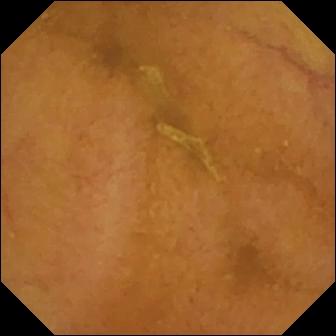Normal clean mucosa.